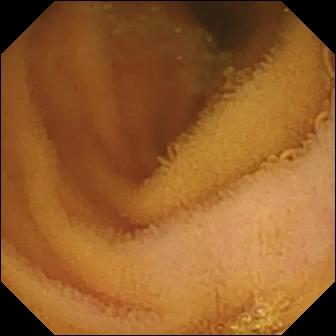This WCE frame of the small intestine shows normal clean mucosa.